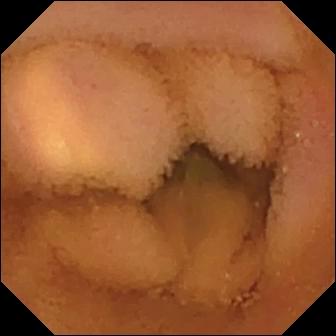Normal clean mucosa — small-bowel capsule endoscopy still.